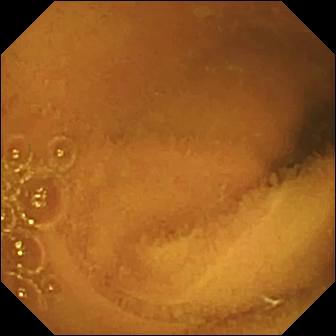This video capsule endoscopy view shows normal clean mucosa.